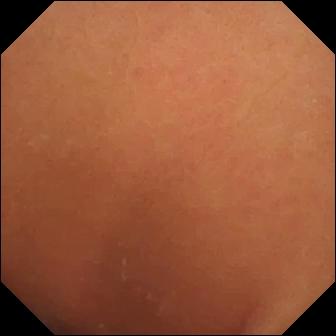Q: What does this video capsule endoscopy frame show?
A: Normal clean mucosa.